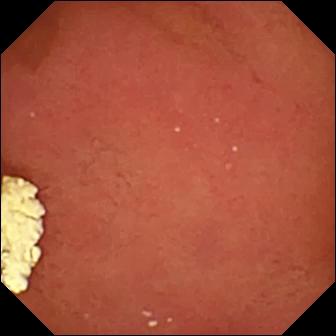WCE image taken in the pylorus region (the junction between the stomach and the small bowel).